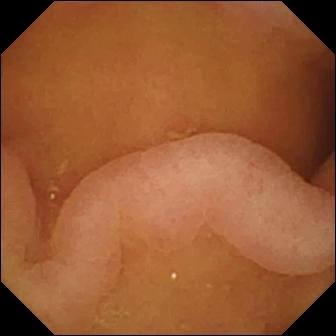WCE — pylorus region (the junction between the stomach and the small bowel).